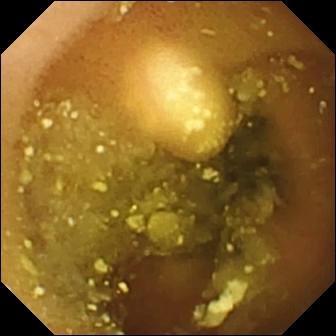Wireless capsule endoscopy. Finding: lymphangiectasia.